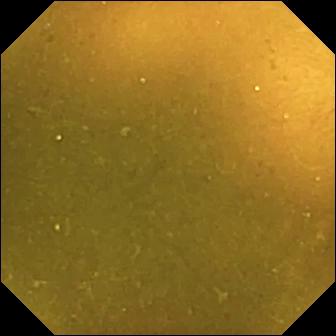Wireless capsule endoscopy image
Position: ileo-cecal valve region